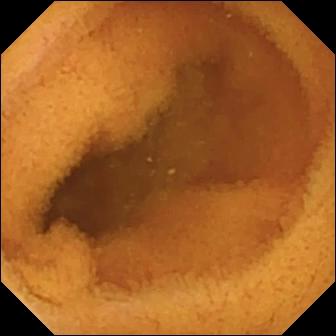WCE still
Finding: normal clean mucosa